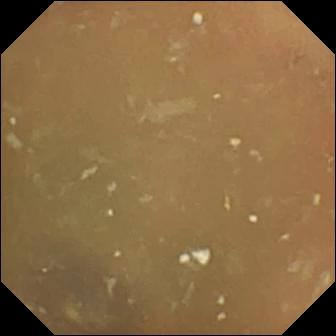Video capsule endoscopy frame, small bowel
Finding: normal clean mucosa